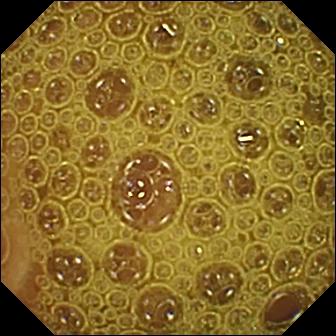This VCE frame shows normal clean mucosa.